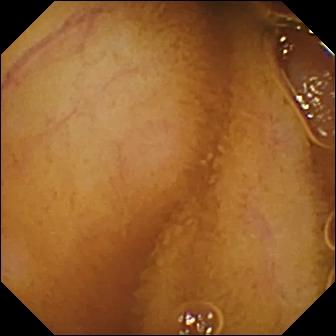Video capsule endoscopy still showing normal clean mucosa.